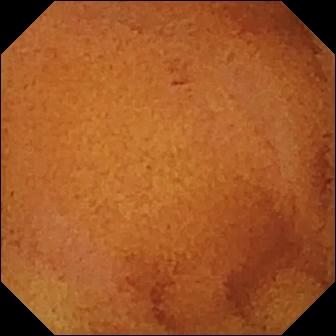Capsule endoscopy. Small bowel. Label: normal clean mucosa.